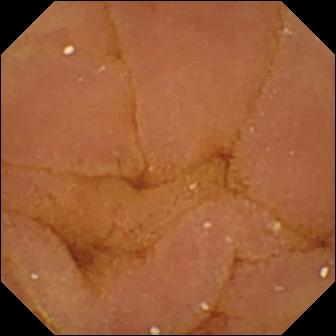modality: capsule endoscopy; impression: normal clean mucosa